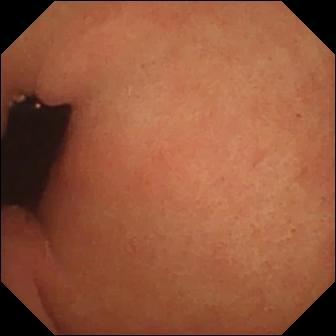Q: Where in the digestive tract was this capsule endoscopy snapshot taken?
A: Pylorus region (the junction between the stomach and the small bowel).